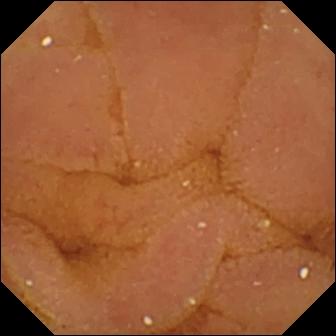VCE — normal clean mucosa.